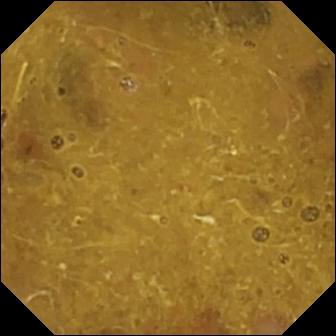Video capsule endoscopy. Video segment: ileo-cecal valve region.